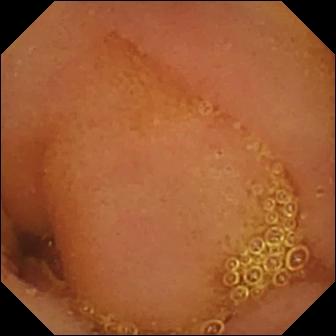Q: What does this capsule endoscopy frame of the small intestine show?
A: Normal clean mucosa.